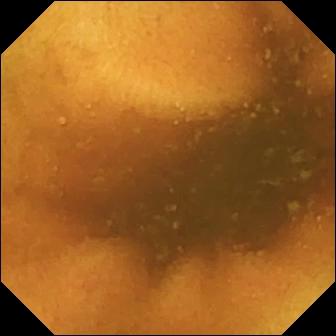VCE view showing normal clean mucosa.